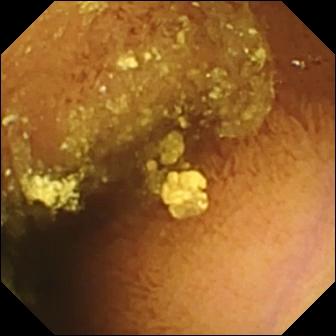Normal clean mucosa — WCE frame.